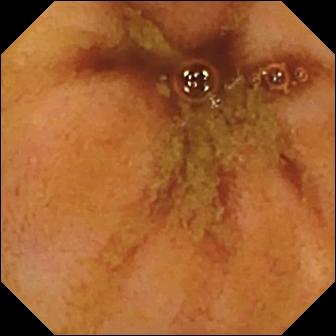WCE. Label: ileo-cecal valve region (where the capsule passes from the small bowel into the large bowel).